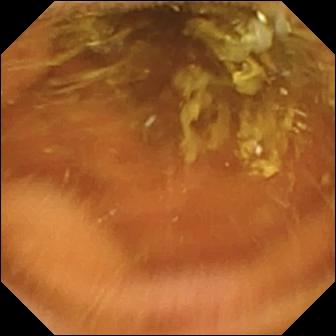Small-bowel capsule endoscopy still showing normal clean mucosa.